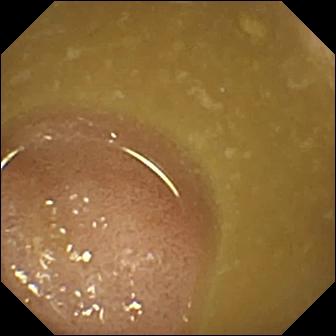Ileo-cecal valve region (where the capsule passes from the small bowel into the large bowel) — wireless capsule endoscopy snapshot.